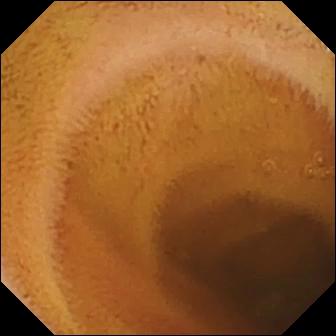Capsule endoscopy view, small bowel
Impression: normal clean mucosa